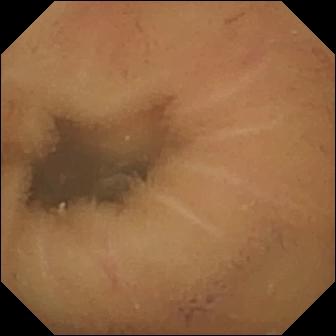- modality: WCE
- segment: small intestine
- category: luminal finding
- finding: normal clean mucosa